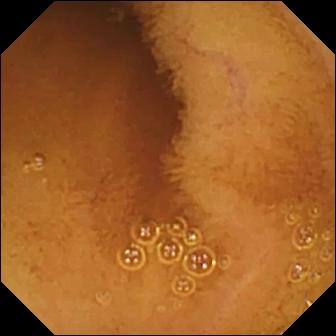Normal clean mucosa — small-bowel capsule endoscopy frame.